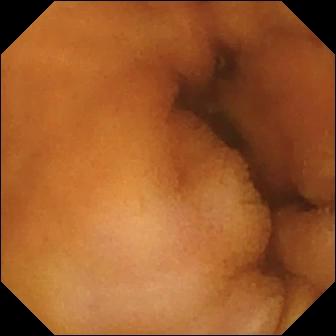Normal clean mucosa — video capsule endoscopy image.